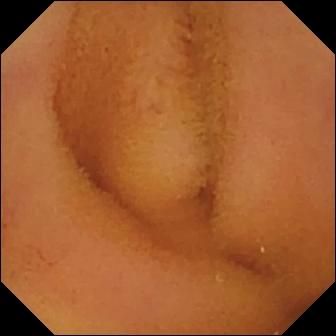Q: What does this video capsule endoscopy frame of the small bowel show?
A: Normal clean mucosa.